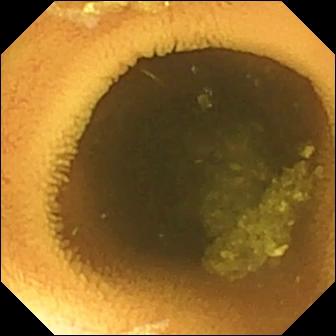Small-bowel capsule endoscopy snapshot
Finding: normal clean mucosa